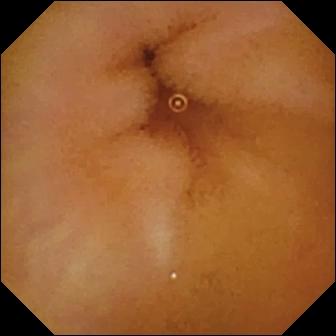modality: WCE; segment: small intestine; impression: normal clean mucosa